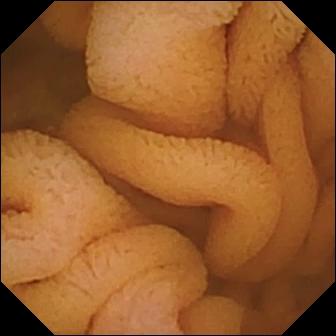Small-bowel capsule endoscopy frame (small intestine), 336×336. Normal clean mucosa.